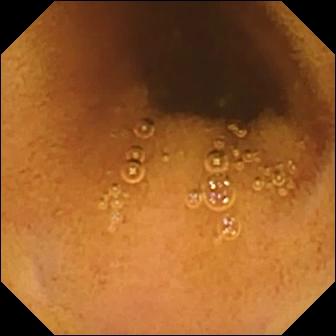Normal clean mucosa.